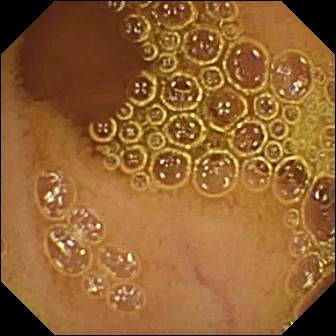modality: WCE | segment: small bowel | finding: normal clean mucosa